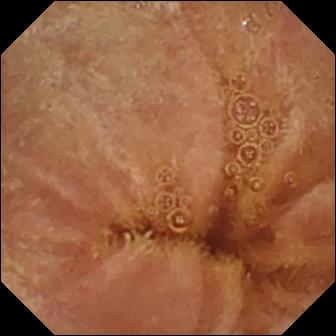This small-bowel capsule endoscopy frame of the small intestine shows normal clean mucosa.